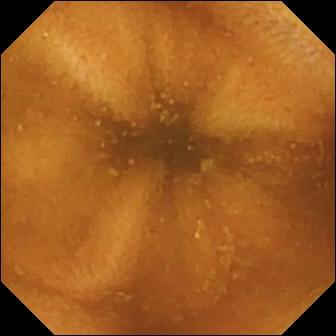Small-bowel capsule endoscopy image
Finding: normal clean mucosa